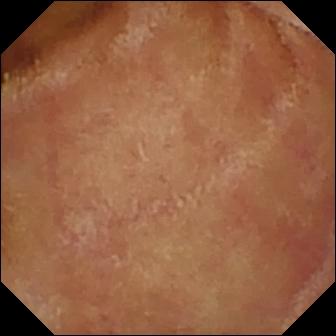WCE — normal clean mucosa.